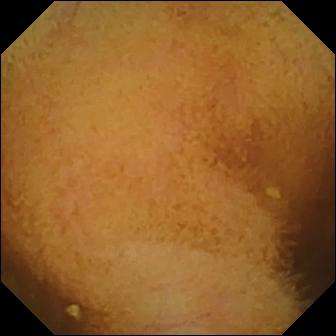VCE frame (small intestine), 336×336. Normal clean mucosa.